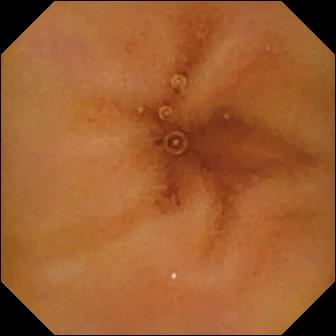Normal clean mucosa — VCE snapshot of the small intestine.